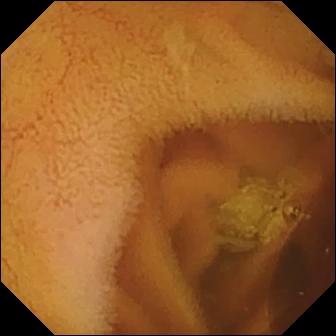This capsule endoscopy image shows normal clean mucosa.